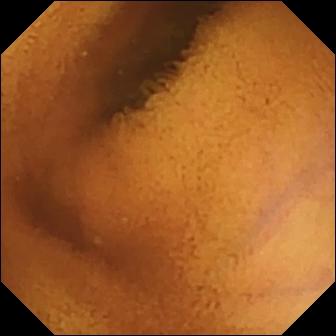Q: What does this small-bowel capsule endoscopy snapshot show?
A: Normal clean mucosa.